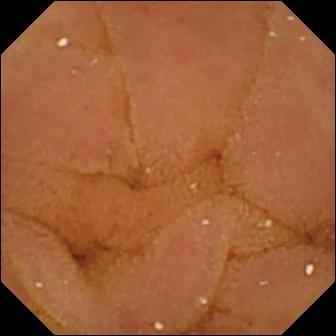This small-bowel capsule endoscopy view of the small intestine shows normal clean mucosa.